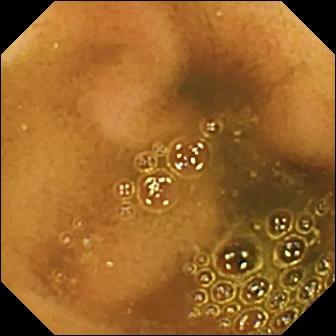PROCEDURE: Small-bowel capsule endoscopy.
VIDEO SEGMENT: Ileo-cecal valve region (the transition from the small bowel to the large bowel).